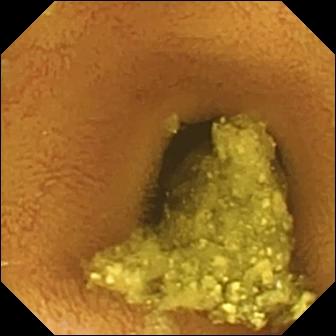{"modality": "video capsule endoscopy", "finding": "normal clean mucosa"}